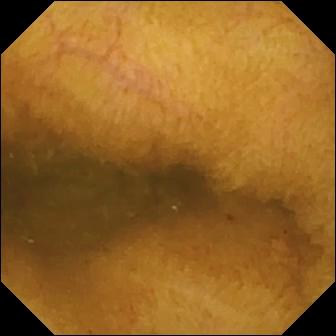Video capsule endoscopy view (small intestine). Normal clean mucosa.